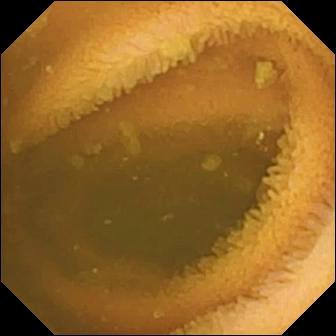Q: What does this wireless capsule endoscopy snapshot of the small intestine show?
A: Normal clean mucosa.